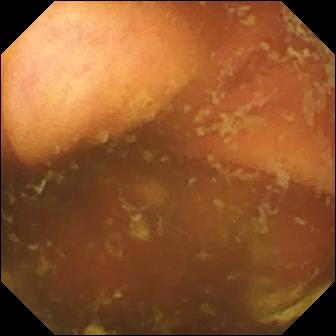Ileo-cecal valve region (the transition from the small bowel to the large bowel).